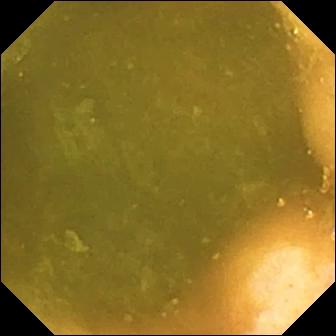Wireless capsule endoscopy view taken in the ileo-cecal valve region.